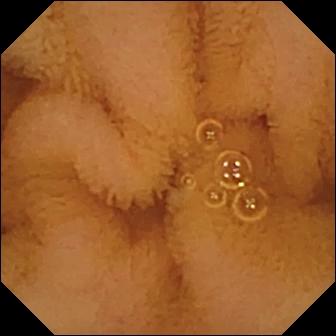This small-bowel capsule endoscopy view of the small bowel shows normal clean mucosa.